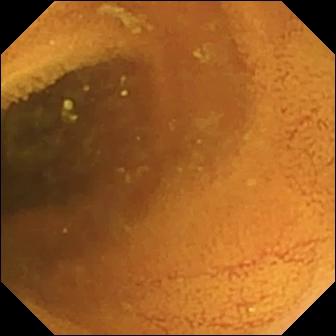PROCEDURE: WCE.
FINDINGS: Normal clean mucosa.